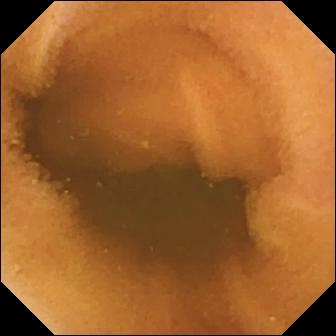WCE — normal clean mucosa.